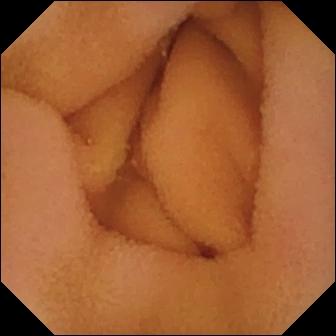Normal clean mucosa (336×336).